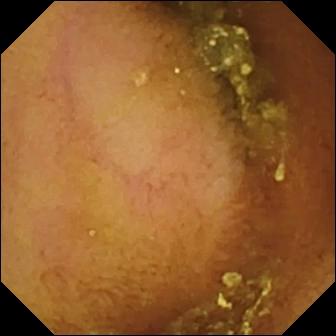- modality: WCE
- category: luminal finding
- finding: normal clean mucosa